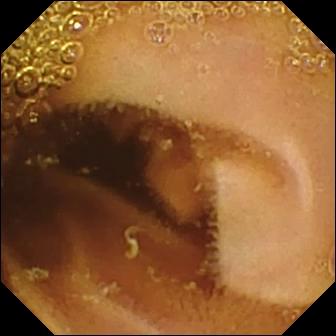- modality: VCE
- category: luminal finding
- impression: normal clean mucosa